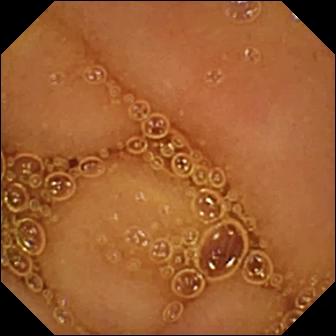{"modality": "capsule endoscopy", "finding": "normal clean mucosa"}